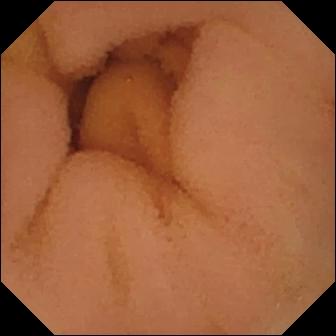VCE. Label: normal clean mucosa.